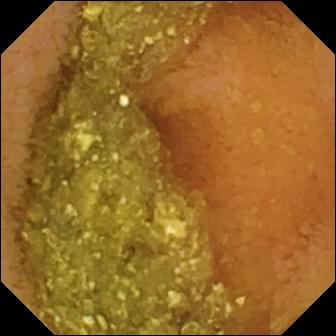This small-bowel capsule endoscopy frame of the small bowel shows normal clean mucosa.